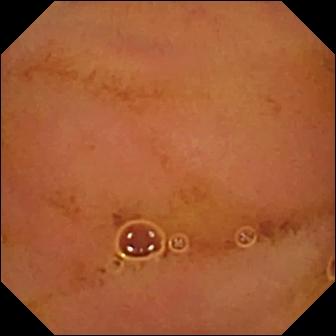Small-bowel capsule endoscopy — normal clean mucosa.